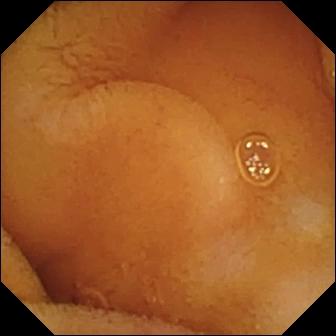Capsule endoscopy. Small intestine. Label: normal clean mucosa.